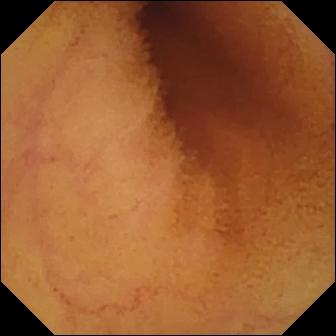Video capsule endoscopy still showing normal clean mucosa.